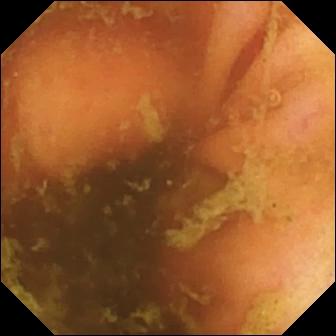PROCEDURE: Small-bowel capsule endoscopy.
POSITION: Ileo-cecal valve region (where the capsule passes from the small bowel into the large bowel).